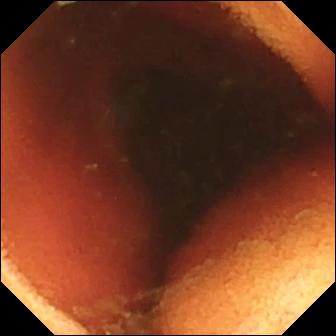- modality: video capsule endoscopy
- label: ileo-cecal valve region